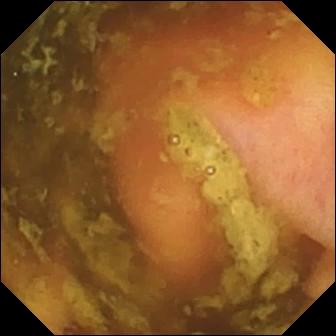{"modality": "VCE", "category": "anatomical landmark", "label": "ileo-cecal valve region (the transition from the small bowel to the large bowel)"}